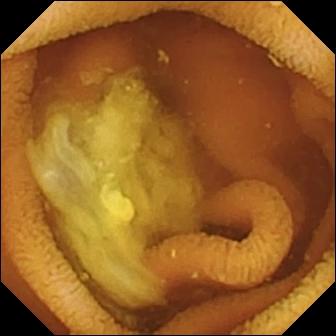Normal clean mucosa.